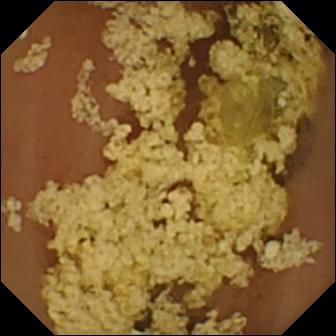WCE. Finding: normal clean mucosa.